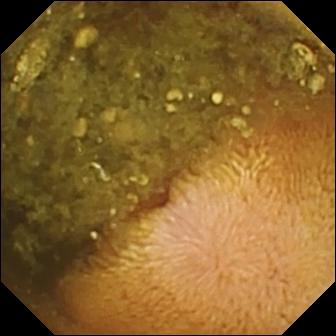- modality: wireless capsule endoscopy
- segment: small bowel
- finding: reduced mucosal view (content or bubbles obscuring the mucosa)